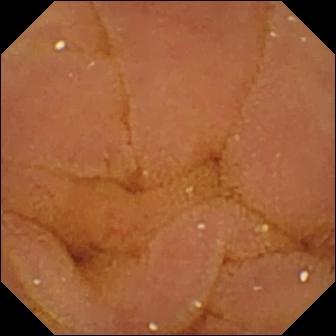Q: What does this video capsule endoscopy view show?
A: Normal clean mucosa.